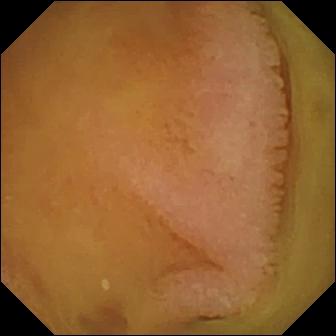Normal clean mucosa — video capsule endoscopy view.